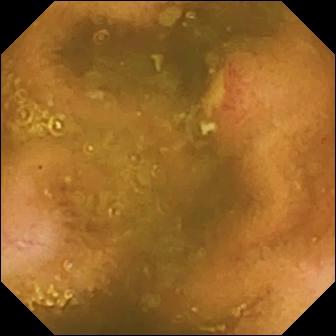modality: video capsule endoscopy; category: luminal finding; label: ulcer